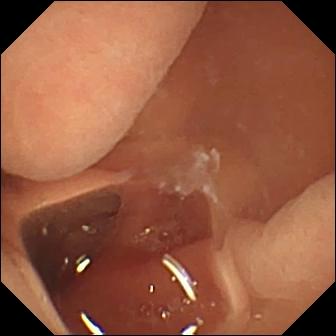Q: What does this VCE view show?
A: Normal clean mucosa.